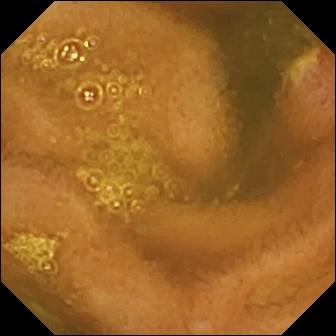This capsule endoscopy view shows ulcer.